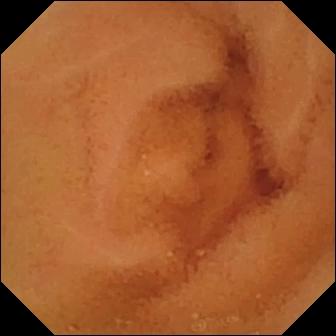{"modality": "video capsule endoscopy", "finding": "normal clean mucosa"}